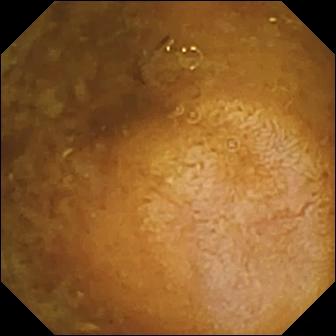Q: What does this wireless capsule endoscopy frame show?
A: Reduced mucosal view (content or bubbles obscuring the mucosa).